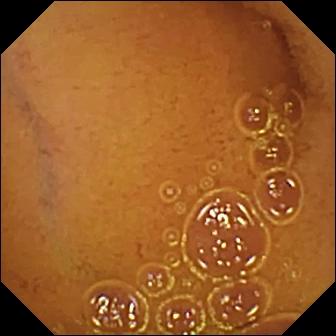modality: small-bowel capsule endoscopy
category: luminal finding
observation: normal clean mucosa